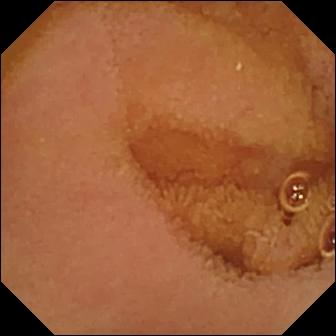Q: What does this video capsule endoscopy frame show?
A: Normal clean mucosa.